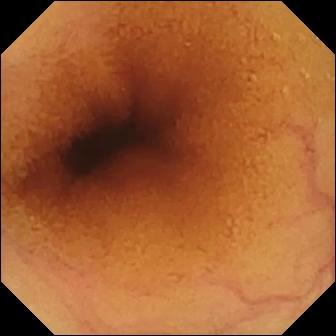modality: wireless capsule endoscopy
segment: small intestine
observation: normal clean mucosa